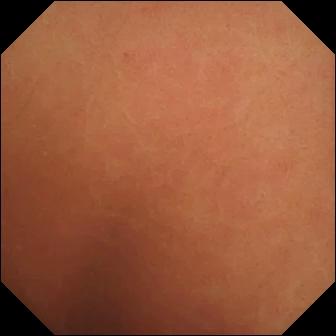- modality: wireless capsule endoscopy
- label: normal clean mucosa